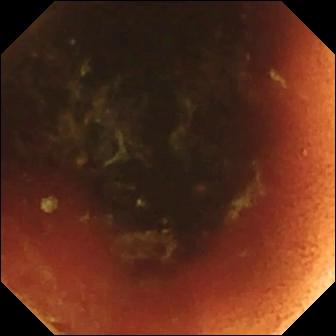Small-bowel capsule endoscopy — ileo-cecal valve region (where the capsule passes from the small bowel into the large bowel).